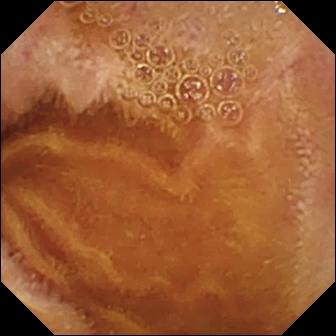Small-bowel capsule endoscopy — normal clean mucosa.